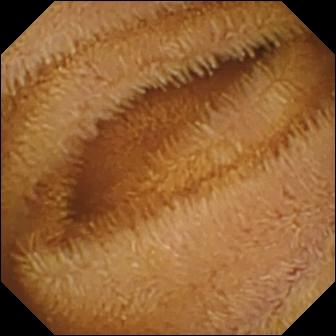Small-bowel capsule endoscopy frame
Label: normal clean mucosa